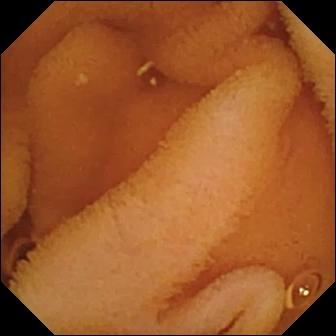Normal clean mucosa — small-bowel capsule endoscopy view.